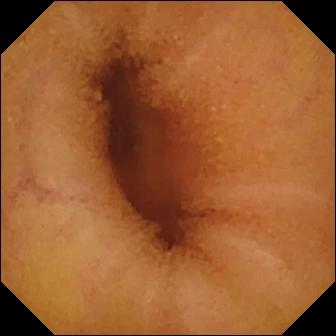Q: What does this WCE image of the small intestine show?
A: Normal clean mucosa.